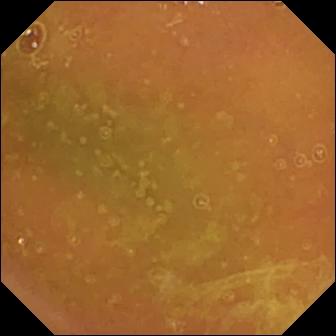PROCEDURE: WCE.
SEGMENT: Small intestine.
FINDINGS: Normal clean mucosa.